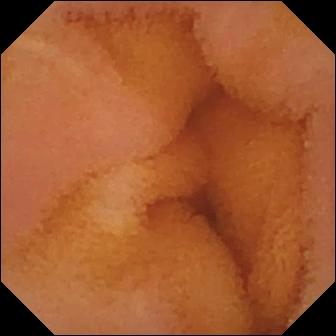Normal clean mucosa.